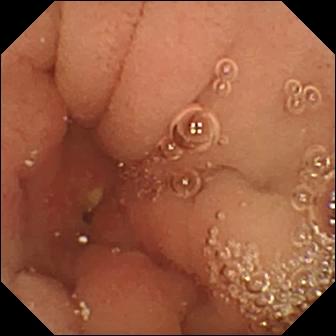This video capsule endoscopy frame shows ulcer.